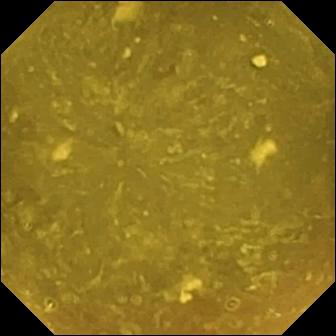Wireless capsule endoscopy image (small bowel). Reduced mucosal view (content or bubbles obscuring the mucosa).